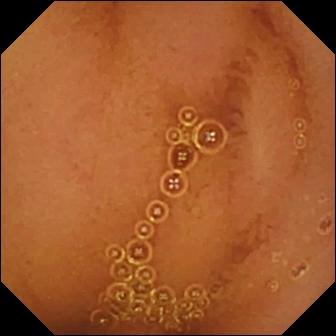PROCEDURE: Video capsule endoscopy.
FINDINGS: Normal clean mucosa.